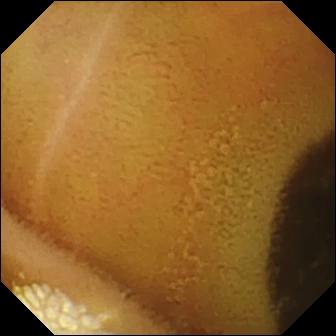This capsule endoscopy still shows lymphangiectasia.